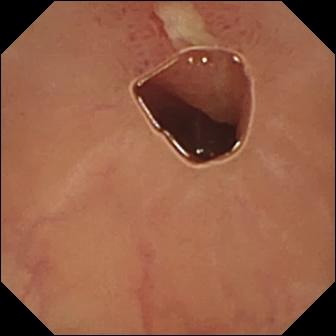Video capsule endoscopy — ulcer.